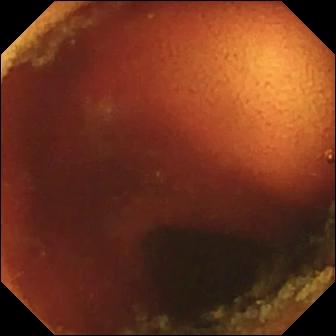Video capsule endoscopy still. Taken in the ileo-cecal valve region (where the capsule passes from the small bowel into the large bowel).